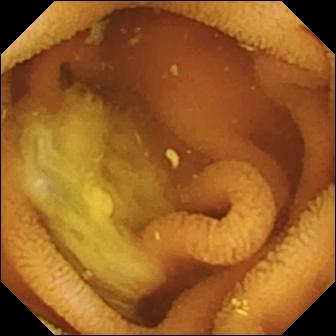{"modality": "VCE", "segment": "small bowel", "finding": "normal clean mucosa"}